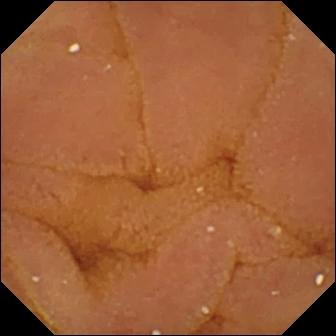VCE frame showing normal clean mucosa.